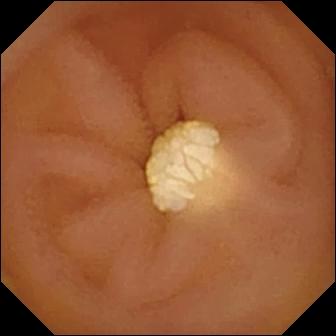- modality: video capsule endoscopy
- observation: lymphangiectasia